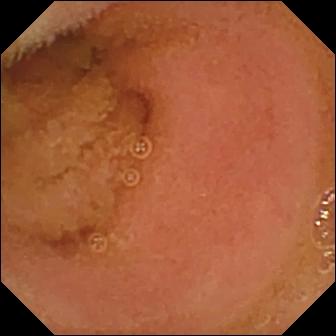{"modality": "wireless capsule endoscopy", "category": "luminal finding", "finding": "normal clean mucosa"}